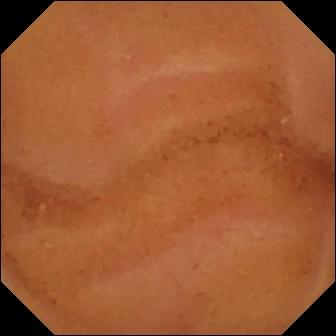modality: wireless capsule endoscopy
segment: small bowel
observation: normal clean mucosa